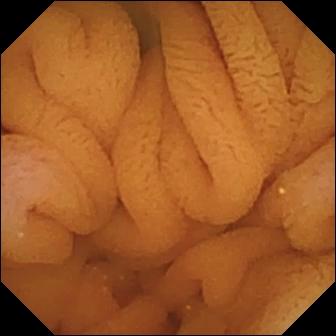VCE — normal clean mucosa.